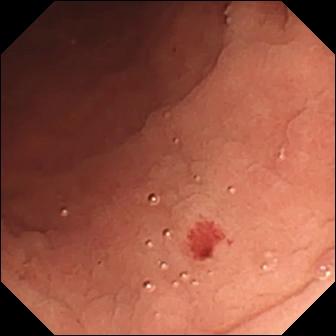Small-bowel capsule endoscopy. Finding: angiectasia.